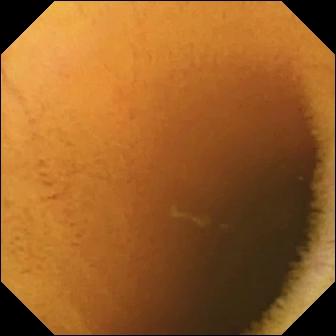Q: What does this VCE frame show?
A: Normal clean mucosa.